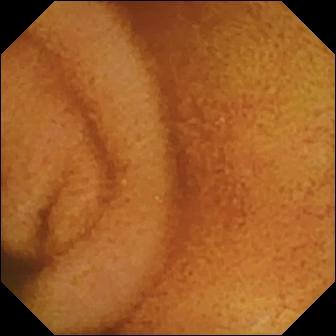Video capsule endoscopy — normal clean mucosa.